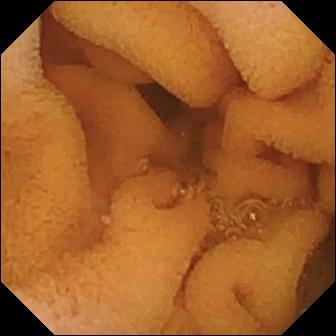Wireless capsule endoscopy frame of the small intestine showing normal clean mucosa.